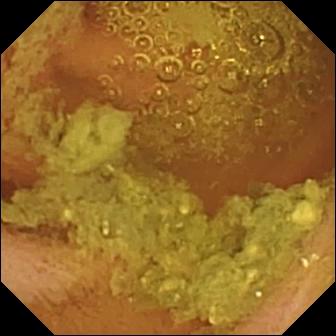Capsule endoscopy. Small bowel. Impression: normal clean mucosa.